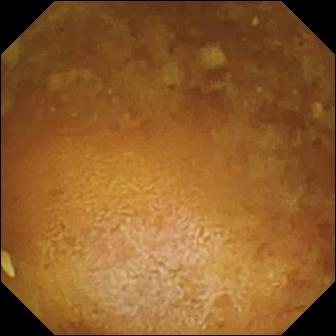Q: What does this wireless capsule endoscopy image of the small intestine show?
A: Reduced mucosal view (content or bubbles obscuring the mucosa).